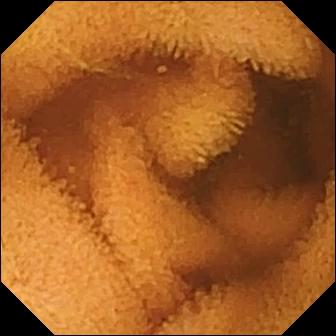- modality: WCE
- segment: small intestine
- label: normal clean mucosa